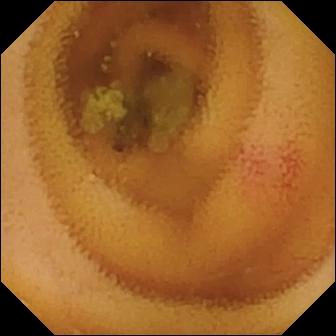Angiectasia — VCE view.